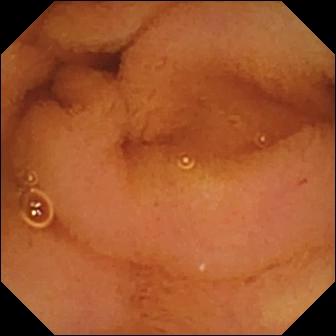Video capsule endoscopy image, small intestine
Label: normal clean mucosa